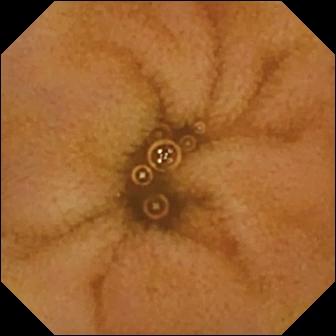Q: What does this wireless capsule endoscopy view show?
A: Normal clean mucosa.